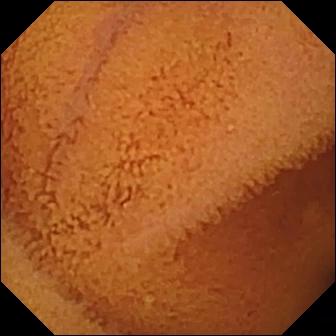WCE still showing normal clean mucosa.